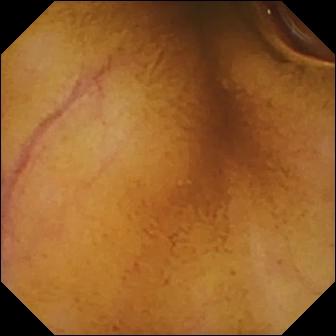Wireless capsule endoscopy view showing normal clean mucosa.